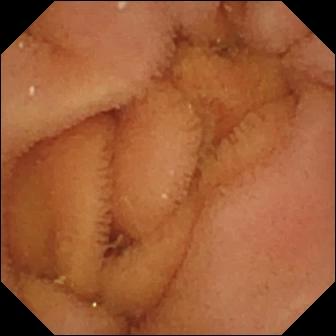This small-bowel capsule endoscopy image of the small bowel shows normal clean mucosa.